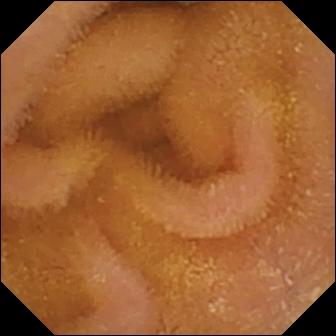WCE still, small intestine
Observation: normal clean mucosa